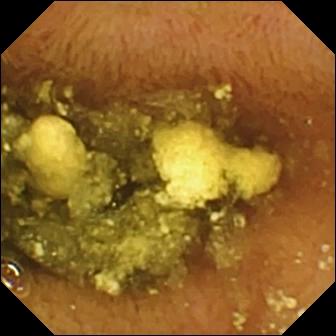Normal clean mucosa.